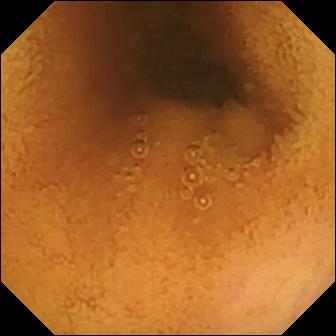This video capsule endoscopy frame shows normal clean mucosa.